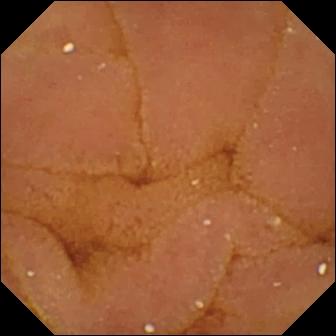{"modality": "video capsule endoscopy", "category": "luminal finding", "finding": "normal clean mucosa"}